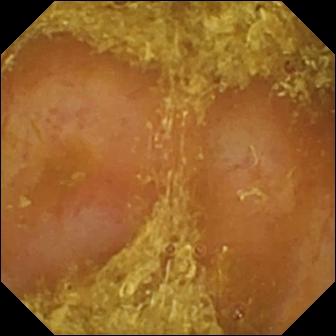Capsule endoscopy snapshot, 336×336. Reduced mucosal view (content or bubbles obscuring the mucosa).